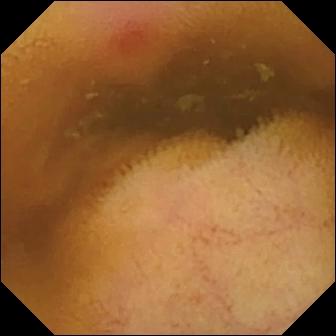Video capsule endoscopy view showing erythema (mucosal redness).